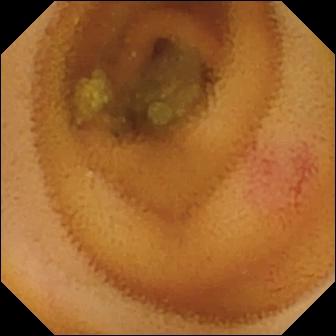{"modality": "VCE", "finding": "angiectasia"}